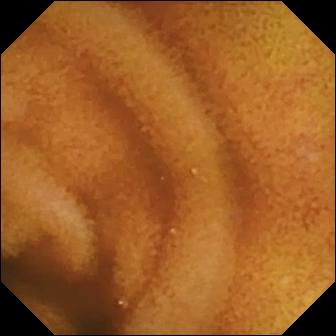PROCEDURE: Small-bowel capsule endoscopy.
FINDINGS: Normal clean mucosa.